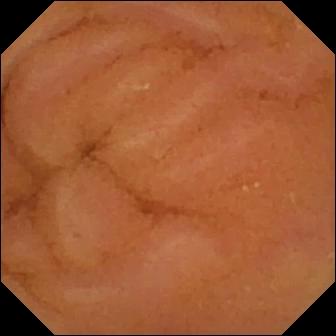Video capsule endoscopy. Luminal finding. Impression: normal clean mucosa.